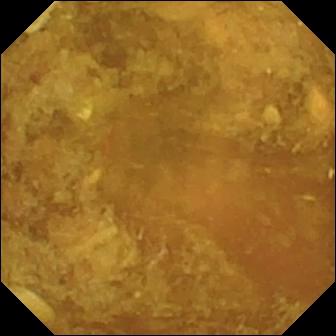- modality: capsule endoscopy
- segment: small intestine
- impression: reduced mucosal view (content or bubbles obscuring the mucosa)